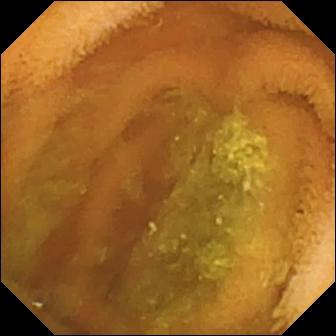Video capsule endoscopy frame showing normal clean mucosa.